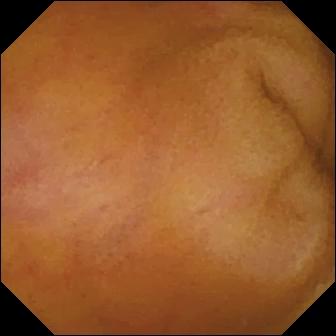Wireless capsule endoscopy snapshot
Label: erythema (mucosal redness)